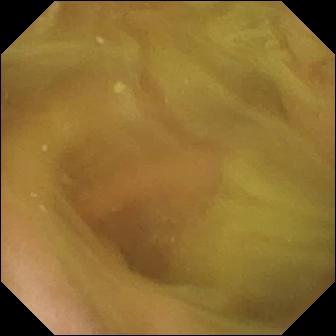Wireless capsule endoscopy frame, 336×336. Normal clean mucosa.